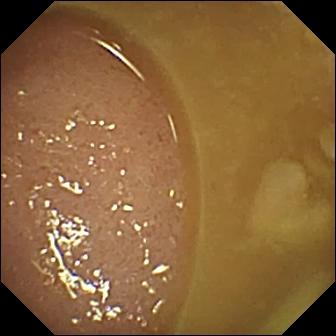{"modality": "capsule endoscopy", "position": "ileo-cecal valve region (where the capsule passes from the small bowel into the large bowel)"}